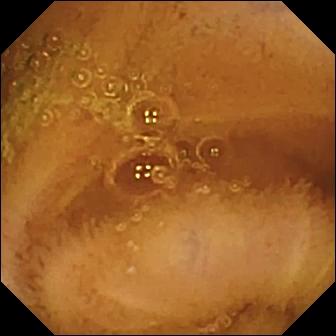VCE — normal clean mucosa.